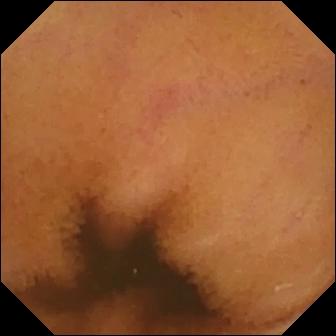{"modality": "capsule endoscopy", "segment": "small bowel", "finding": "normal clean mucosa"}